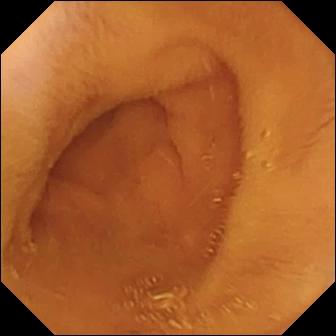Normal clean mucosa.